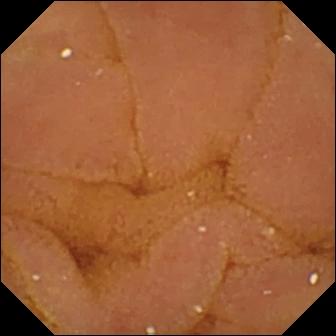Small-bowel capsule endoscopy — normal clean mucosa.